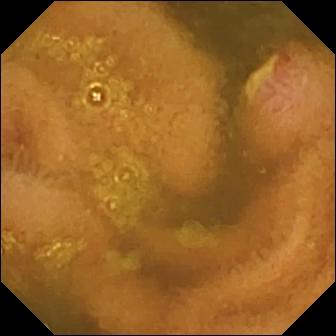- modality: VCE
- label: ulcer